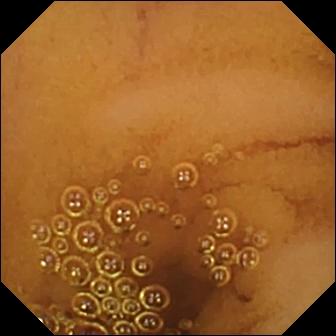VCE. Finding: normal clean mucosa.